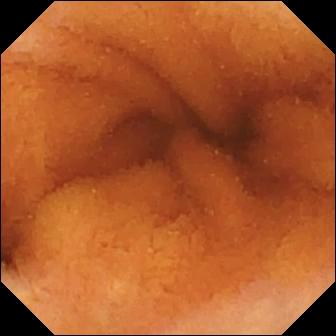This WCE still shows normal clean mucosa.